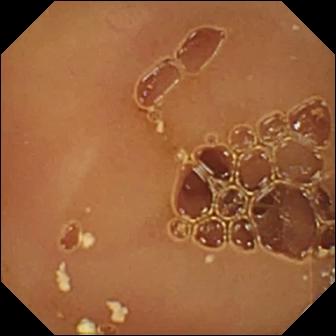Wireless capsule endoscopy view
Observation: normal clean mucosa